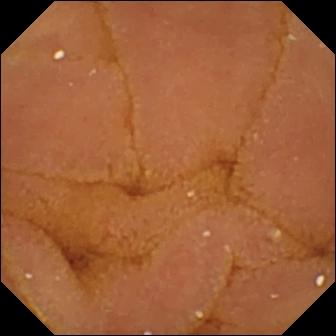PROCEDURE: VCE.
FINDINGS: Normal clean mucosa.